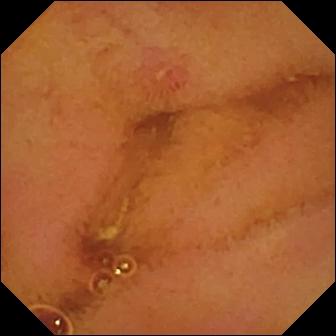Q: What does this VCE snapshot show?
A: Erosion.